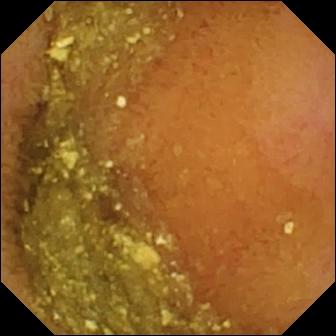This WCE still of the small intestine shows normal clean mucosa.